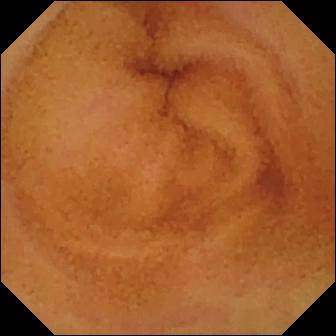Q: What does this wireless capsule endoscopy image of the small intestine show?
A: Normal clean mucosa.